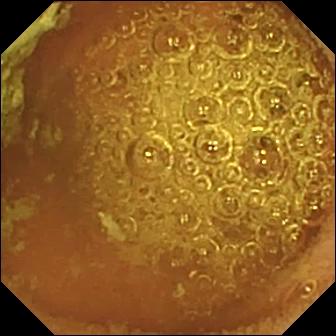Normal clean mucosa — VCE frame of the small intestine.